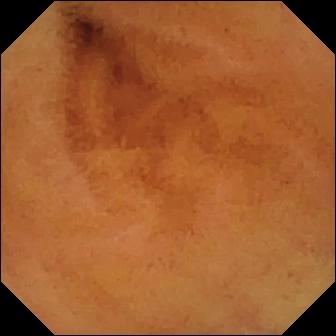PROCEDURE: Video capsule endoscopy.
SEGMENT: Small intestine.
FINDINGS: Normal clean mucosa.